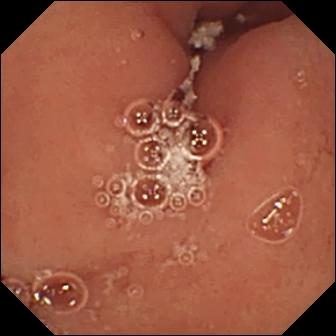This WCE still was taken in the pylorus region (the junction between the stomach and the small bowel).